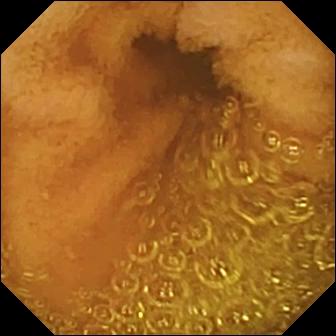Q: What does this WCE frame of the small bowel show?
A: Normal clean mucosa.